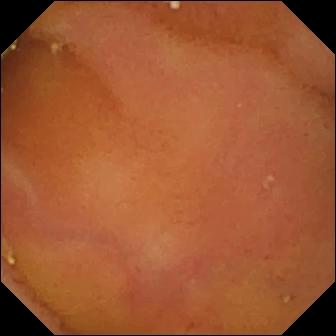Capsule endoscopy image of the small intestine showing normal clean mucosa.